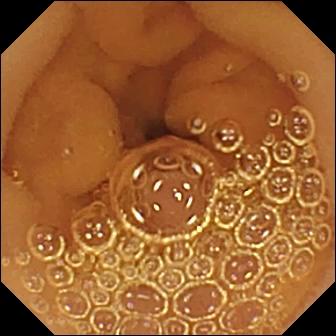Normal clean mucosa — WCE frame of the small intestine.